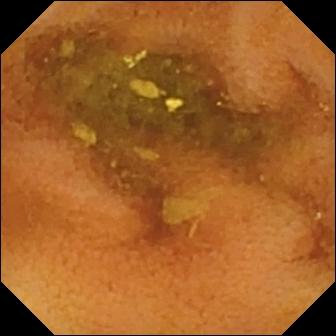PROCEDURE: Small-bowel capsule endoscopy.
FINDINGS: Normal clean mucosa.